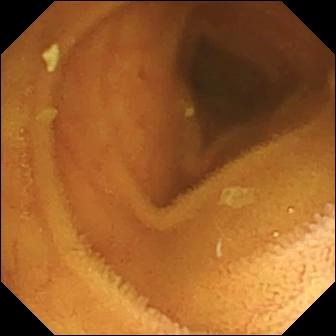PROCEDURE: Capsule endoscopy.
FINDINGS: Normal clean mucosa.